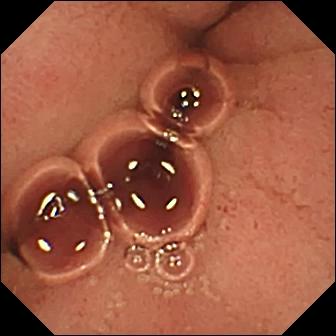- modality: VCE
- position: pylorus region (the junction between the stomach and the small bowel)